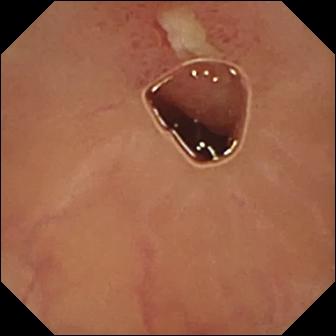{"modality": "WCE", "finding": "ulcer"}